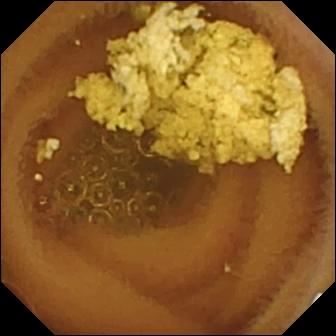modality: VCE; observation: normal clean mucosa